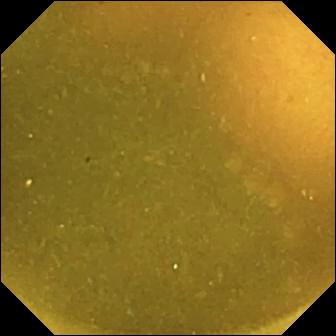Q: Where in the digestive tract was this small-bowel capsule endoscopy still taken?
A: Ileo-cecal valve region.